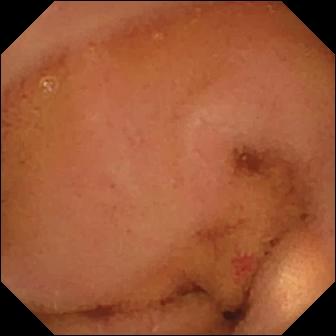modality: capsule endoscopy
finding: normal clean mucosa